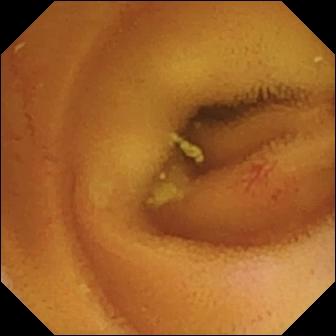This small-bowel capsule endoscopy frame shows angiectasia.